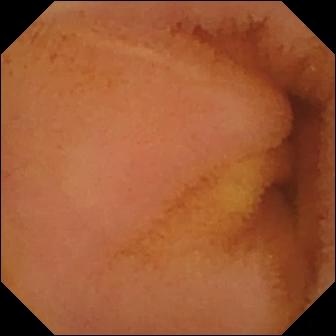modality: VCE | category: luminal finding | observation: normal clean mucosa